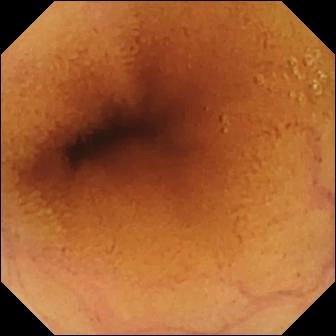This video capsule endoscopy image shows normal clean mucosa.